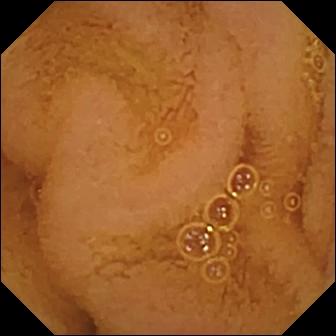Wireless capsule endoscopy still (small intestine). Normal clean mucosa.